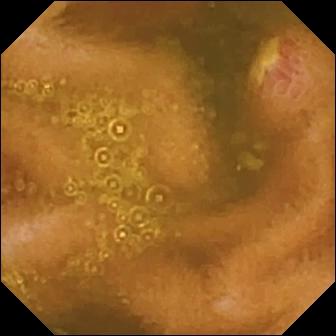- modality: capsule endoscopy
- label: ulcer